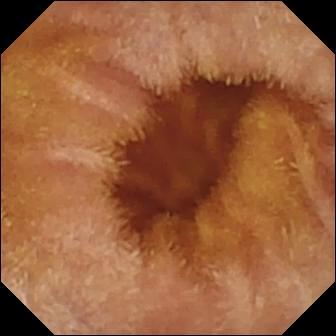Wireless capsule endoscopy. Small intestine. Luminal finding. Finding: normal clean mucosa.